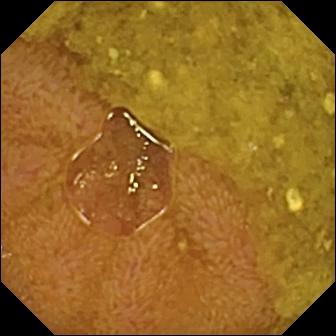Video capsule endoscopy. Position: ileo-cecal valve region (the transition from the small bowel to the large bowel).